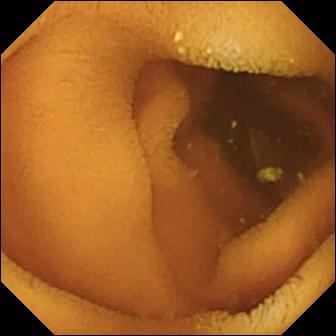- modality: VCE
- label: normal clean mucosa